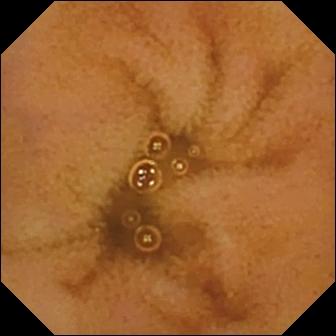Q: What does this WCE snapshot show?
A: Normal clean mucosa.